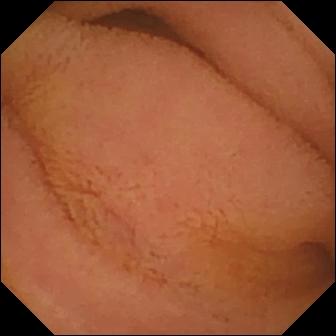Normal clean mucosa.